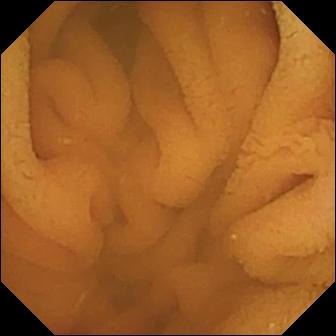Normal clean mucosa — VCE frame.